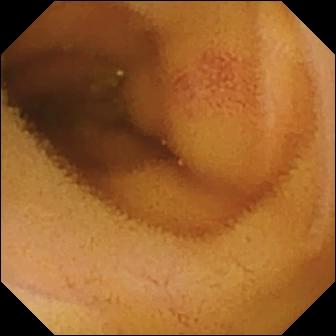Angiectasia.